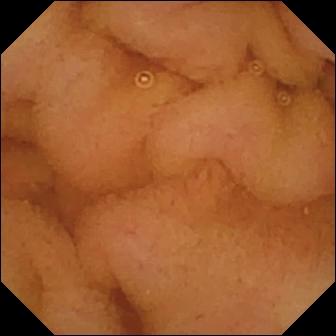Wireless capsule endoscopy. Small bowel. Observation: normal clean mucosa.